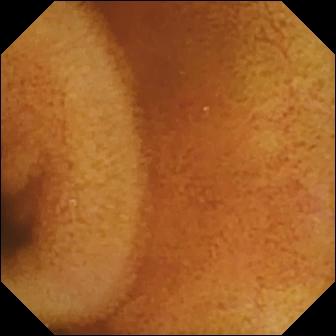{"modality": "small-bowel capsule endoscopy", "finding": "normal clean mucosa"}